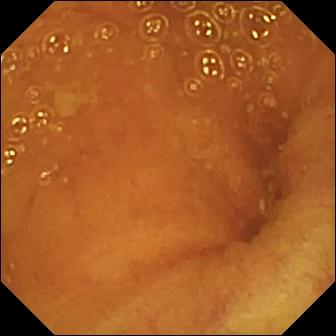PROCEDURE: VCE.
LOCATION: Ileo-cecal valve region.